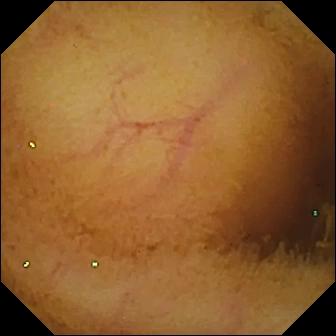Q: What does this video capsule endoscopy frame show?
A: Normal clean mucosa.